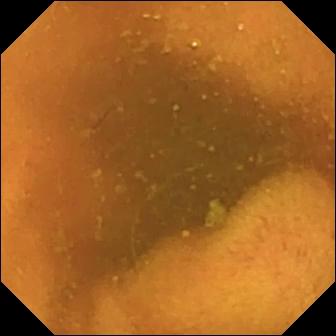Normal clean mucosa (336×336).